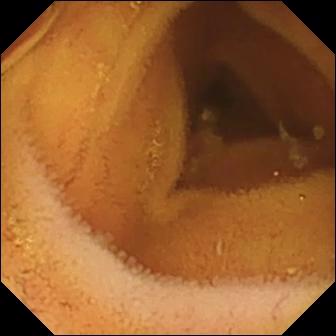VCE still. Normal clean mucosa.